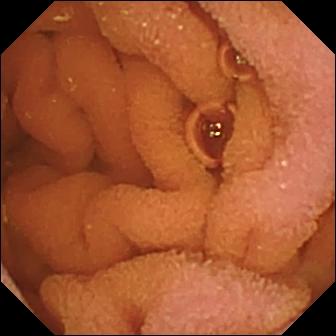This small-bowel capsule endoscopy frame of the small intestine shows normal clean mucosa.